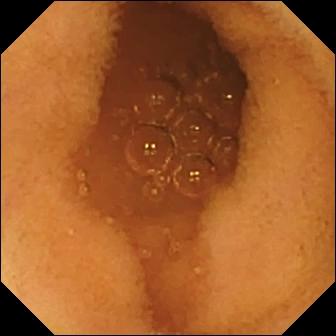Video capsule endoscopy — normal clean mucosa.